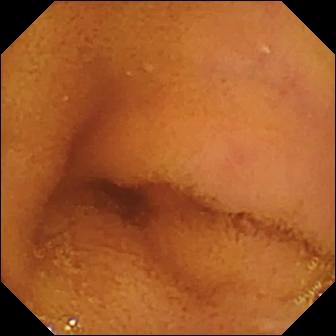VCE snapshot. Normal clean mucosa.